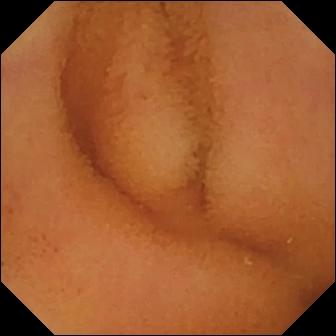Small-bowel capsule endoscopy. Observation: normal clean mucosa.